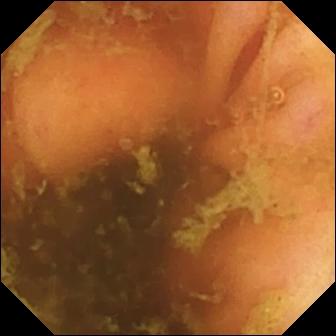Ileo-cecal valve region.